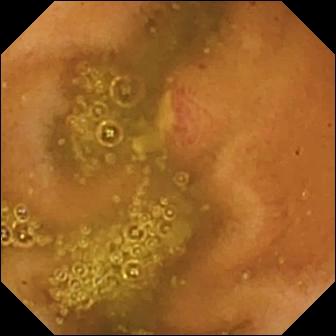modality: VCE
impression: ulcer